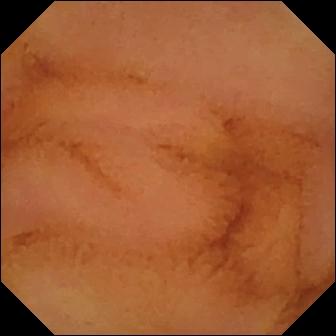Video capsule endoscopy still (small intestine). Normal clean mucosa.